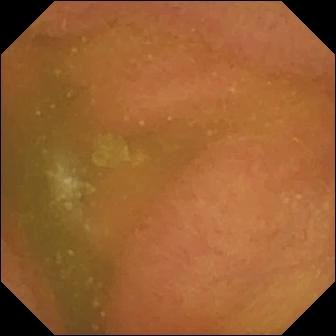Wireless capsule endoscopy snapshot
Impression: normal clean mucosa